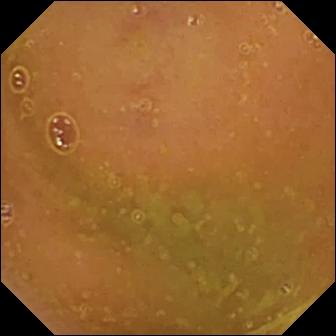- modality: WCE
- observation: normal clean mucosa